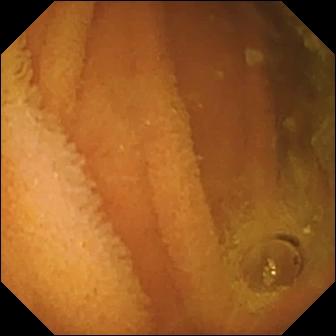- modality: VCE
- label: normal clean mucosa